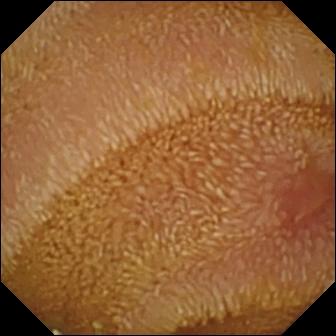This WCE image shows erosion.